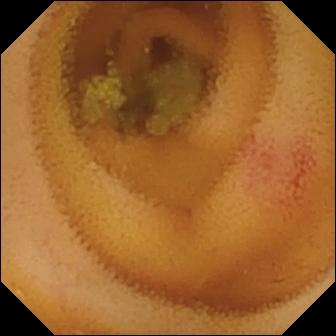Angiectasia (336×336).